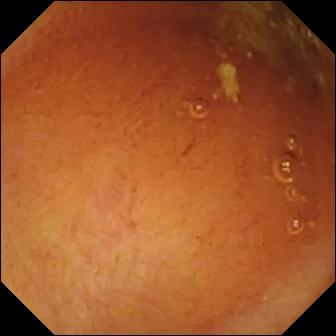This wireless capsule endoscopy view of the small bowel shows normal clean mucosa.